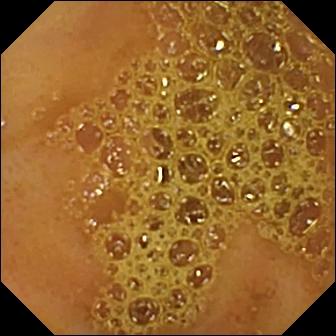Small-bowel capsule endoscopy. Label: ileo-cecal valve region (where the capsule passes from the small bowel into the large bowel).